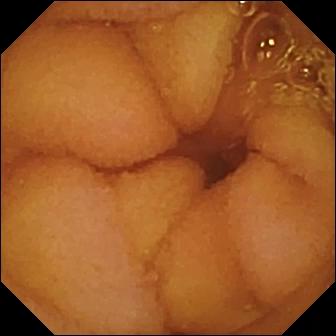Q: What does this video capsule endoscopy snapshot show?
A: Normal clean mucosa.